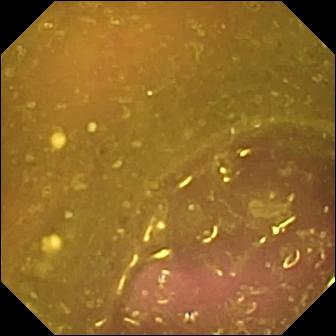Reduced mucosal view (content or bubbles obscuring the mucosa) — capsule endoscopy image.